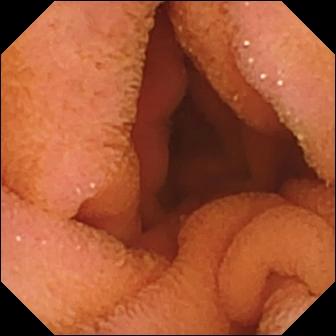Capsule endoscopy — normal clean mucosa.